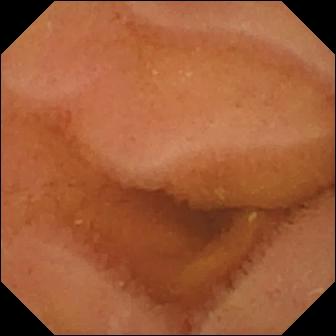Normal clean mucosa — capsule endoscopy image.